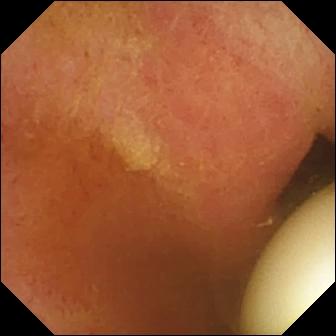modality: wireless capsule endoscopy | observation: foreign body (e.g. retained capsule, tablet residue)